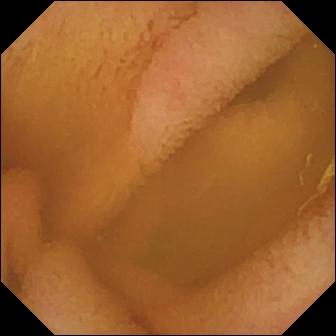VCE — normal clean mucosa.